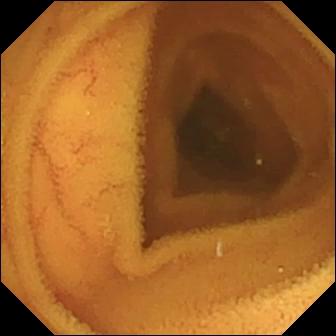Wireless capsule endoscopy. Small intestine. Luminal finding. Label: normal clean mucosa.